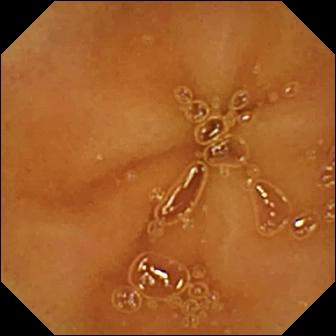modality: WCE | finding: normal clean mucosa